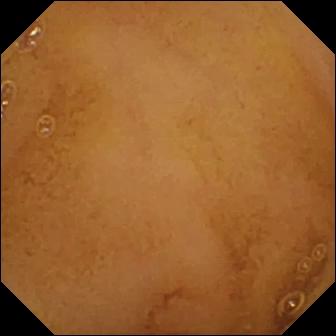Normal clean mucosa.